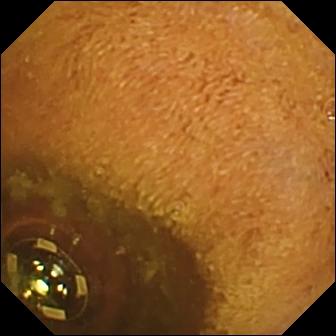Foreign body (e.g. retained capsule, tablet residue) (336×336).